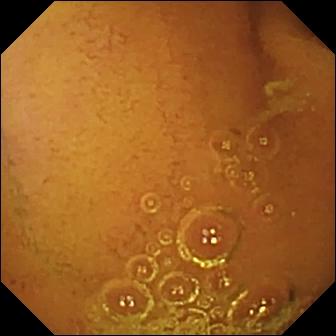Wireless capsule endoscopy frame showing normal clean mucosa.